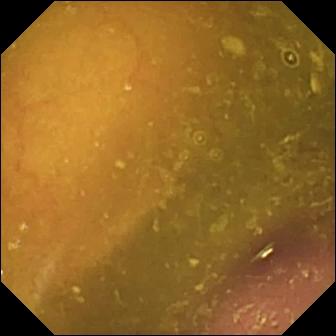Video capsule endoscopy frame, small bowel
Observation: reduced mucosal view (content or bubbles obscuring the mucosa)